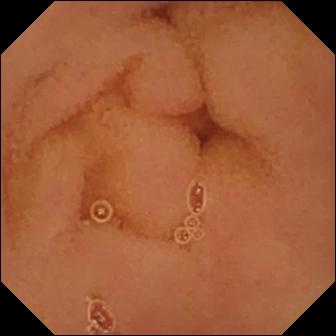Small-bowel capsule endoscopy view (small intestine). Normal clean mucosa.